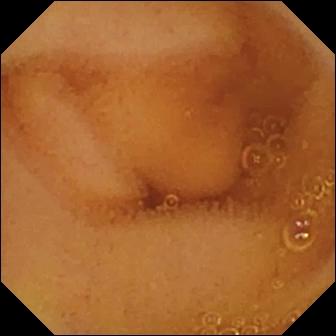Q: What does this capsule endoscopy view show?
A: Normal clean mucosa.